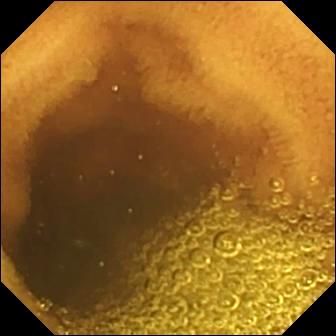- modality: wireless capsule endoscopy
- segment: small bowel
- finding: normal clean mucosa